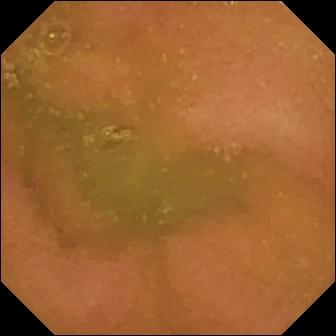Capsule endoscopy view (small bowel), 336×336. Normal clean mucosa.